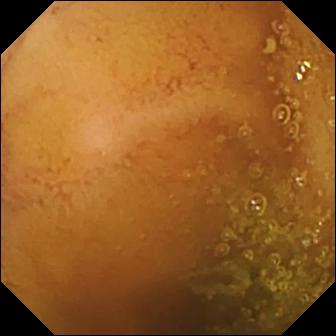PROCEDURE: WCE.
SEGMENT: Small bowel.
FINDINGS: Normal clean mucosa.